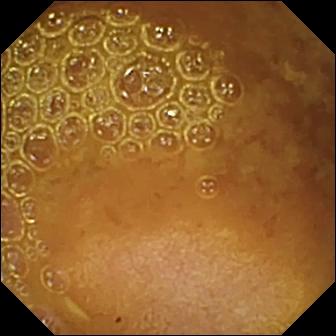modality: video capsule endoscopy | observation: reduced mucosal view (content or bubbles obscuring the mucosa)